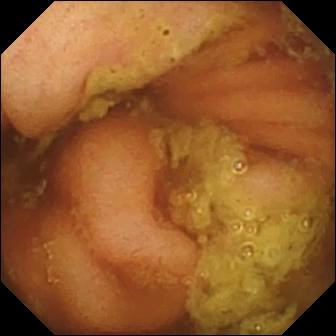This capsule endoscopy snapshot was taken in the ileo-cecal valve region (the transition from the small bowel to the large bowel).